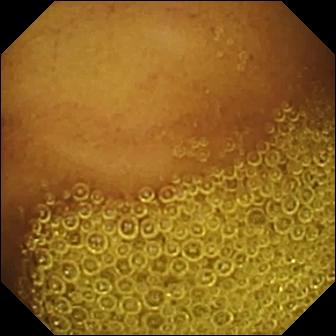Q: What does this small-bowel capsule endoscopy frame show?
A: Normal clean mucosa.